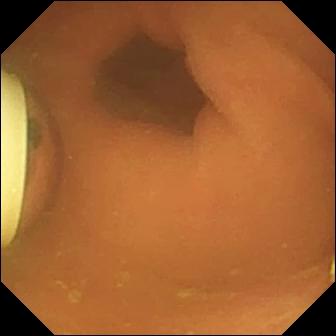Foreign body (e.g. retained capsule, tablet residue) — small-bowel capsule endoscopy still.